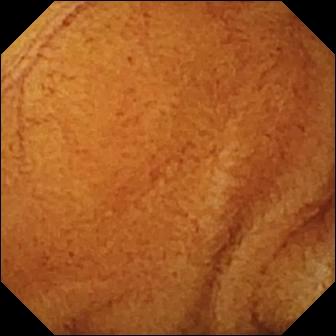VCE — normal clean mucosa.